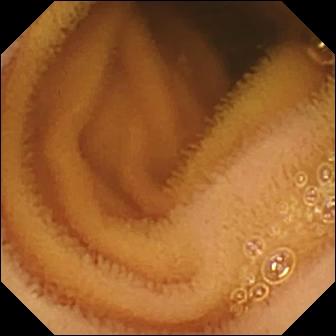Normal clean mucosa (336×336).